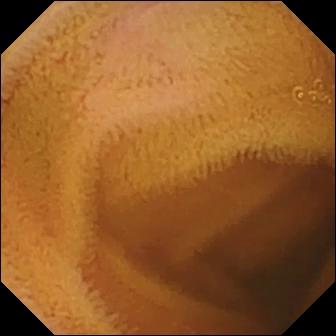- modality: WCE
- impression: normal clean mucosa